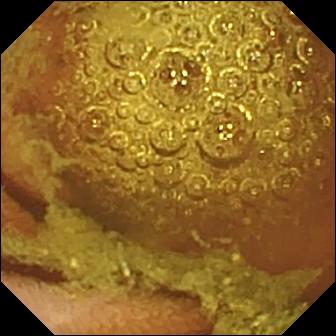Small-bowel capsule endoscopy image, small intestine
Impression: normal clean mucosa